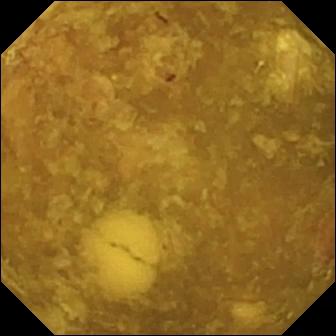modality: VCE; category: luminal finding; finding: reduced mucosal view (content or bubbles obscuring the mucosa)